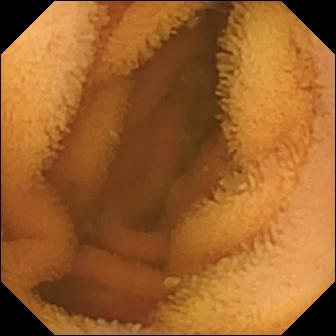- modality: video capsule endoscopy
- segment: small bowel
- observation: normal clean mucosa